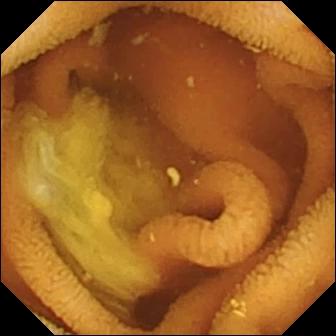Q: What does this VCE frame of the small bowel show?
A: Normal clean mucosa.